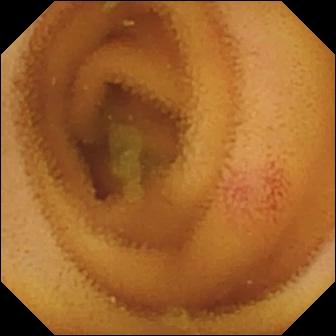modality: WCE
observation: angiectasia